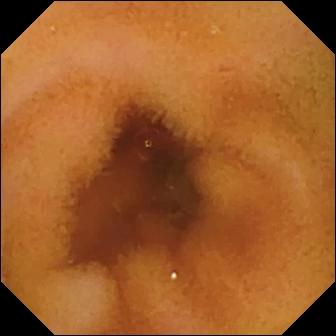Normal clean mucosa.